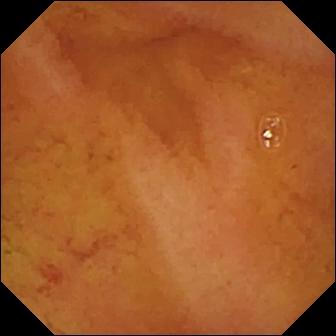This WCE image shows normal clean mucosa.